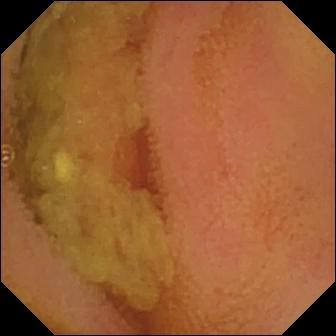Normal clean mucosa.